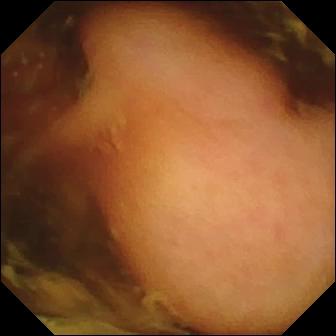Polyp — small-bowel capsule endoscopy view.